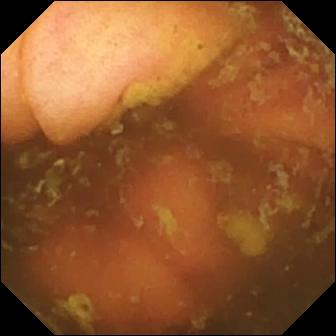PROCEDURE: Capsule endoscopy.
LABEL: Ileo-cecal valve region (where the capsule passes from the small bowel into the large bowel).